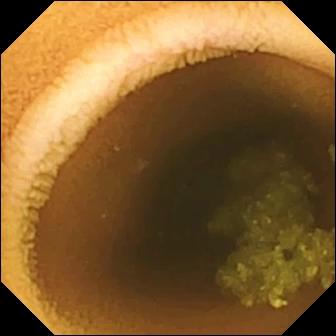This small-bowel capsule endoscopy image shows normal clean mucosa.